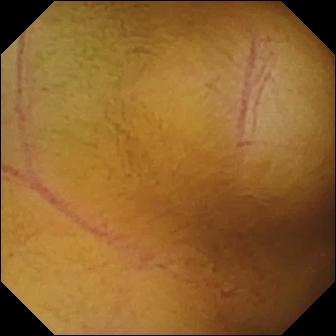PROCEDURE: Small-bowel capsule endoscopy.
SEGMENT: Small intestine.
FINDINGS: Normal clean mucosa.